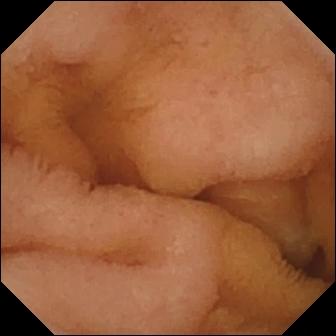Small-bowel capsule endoscopy view, small intestine
Finding: normal clean mucosa